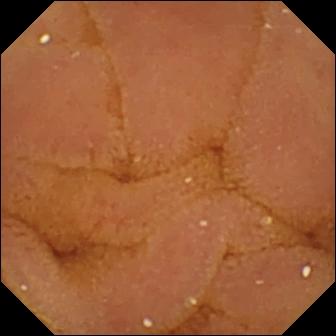modality: small-bowel capsule endoscopy
impression: normal clean mucosa